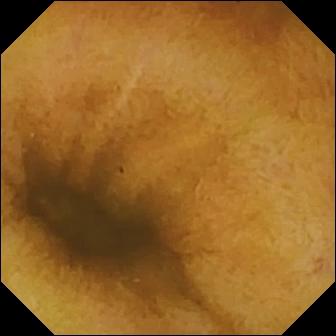Q: What does this capsule endoscopy image show?
A: Normal clean mucosa.